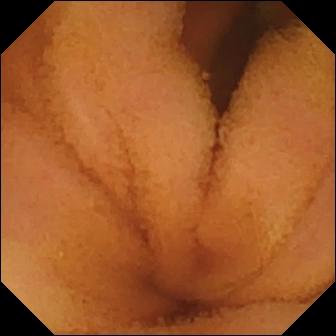modality: small-bowel capsule endoscopy | observation: normal clean mucosa